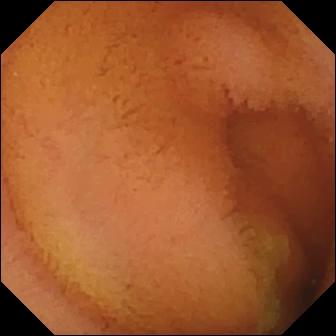modality: WCE | observation: normal clean mucosa